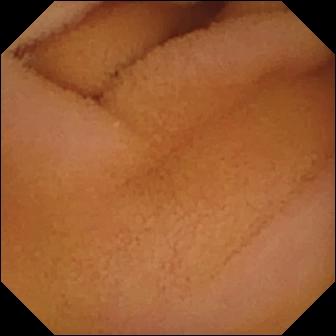{"modality": "small-bowel capsule endoscopy", "finding": "normal clean mucosa"}